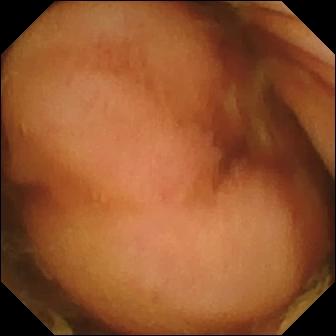Wireless capsule endoscopy. Finding: polyp.